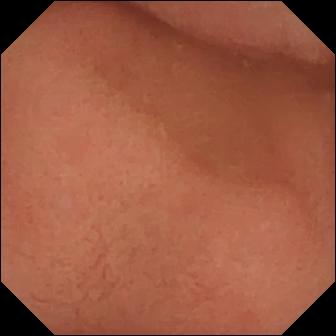{"modality": "WCE", "location": "pylorus region (the junction between the stomach and the small bowel)"}